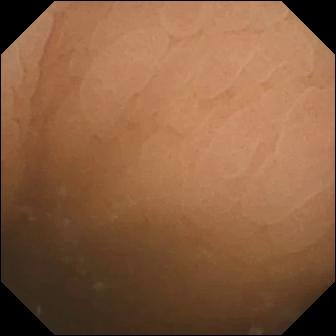Pylorus region (the junction between the stomach and the small bowel) — wireless capsule endoscopy snapshot.